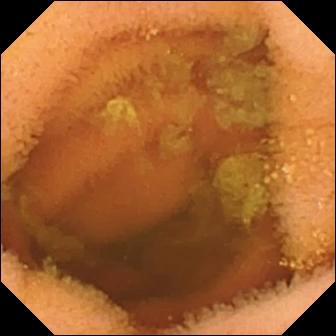Normal clean mucosa (336×336).